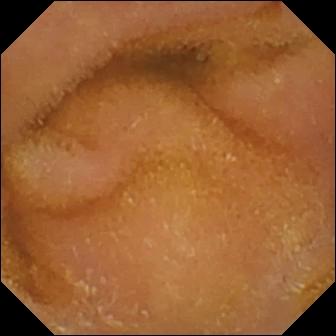Video capsule endoscopy frame. Normal clean mucosa.